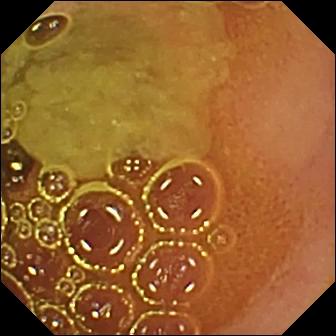Capsule endoscopy view showing normal clean mucosa.